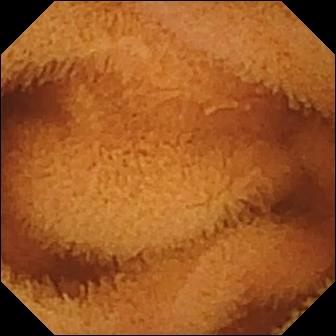Normal clean mucosa — capsule endoscopy still.